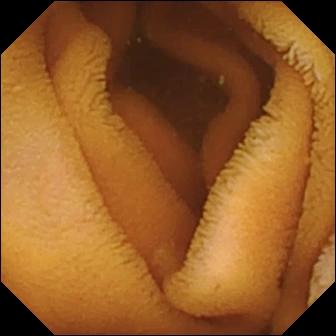Wireless capsule endoscopy — normal clean mucosa.